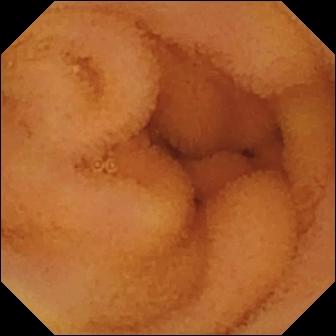Normal clean mucosa — video capsule endoscopy view of the small bowel.